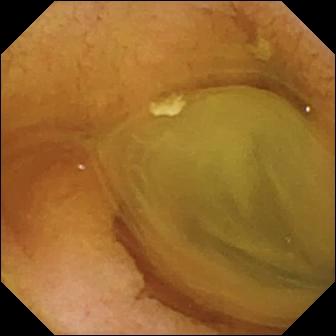Normal clean mucosa.